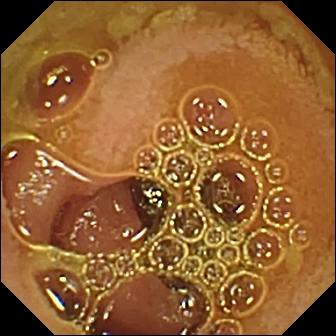Small-bowel capsule endoscopy — normal clean mucosa.